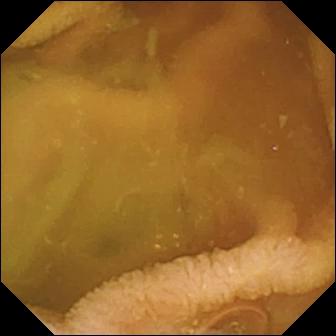Capsule endoscopy snapshot (small intestine). Normal clean mucosa.